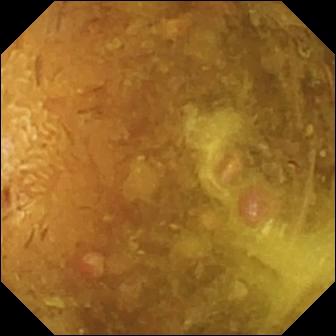PROCEDURE: Wireless capsule endoscopy.
FINDINGS: Reduced mucosal view (content or bubbles obscuring the mucosa).